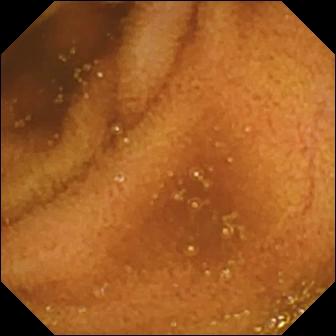Normal clean mucosa — wireless capsule endoscopy view of the small intestine.